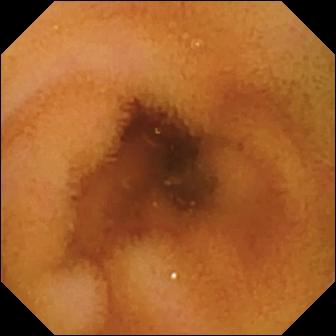VCE still (small intestine). Normal clean mucosa.